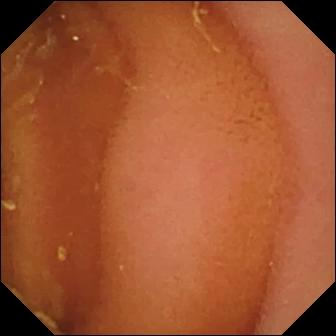Capsule endoscopy. Label: normal clean mucosa.